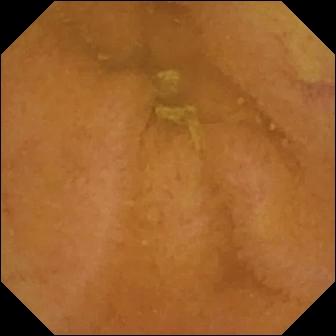{"modality": "VCE", "finding": "normal clean mucosa"}